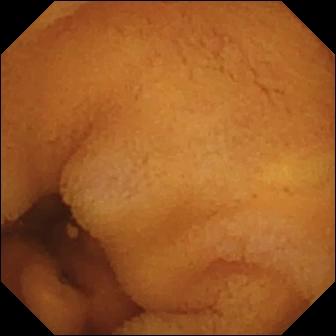Wireless capsule endoscopy image of the small intestine showing normal clean mucosa.